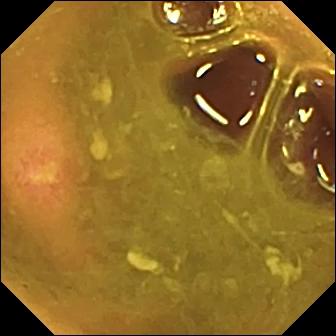This wireless capsule endoscopy image shows ulcer.